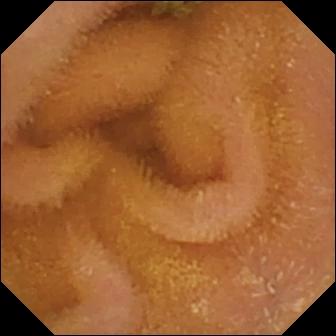{"modality": "WCE", "segment": "small intestine", "finding": "normal clean mucosa"}